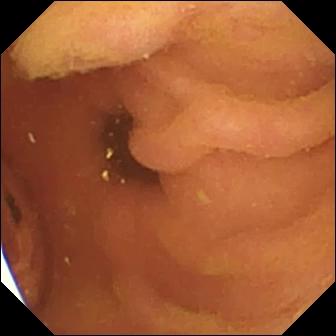WCE view showing foreign body (e.g. retained capsule, tablet residue).